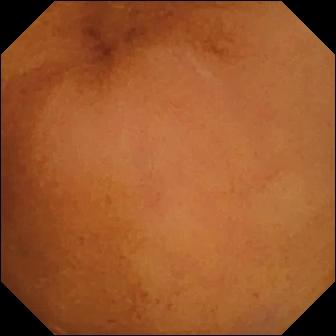Q: What does this small-bowel capsule endoscopy snapshot of the small bowel show?
A: Normal clean mucosa.